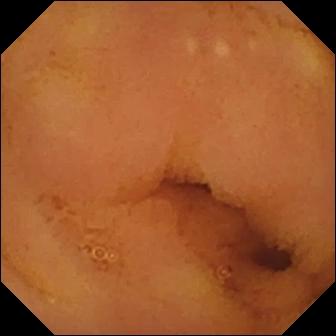Q: What does this small-bowel capsule endoscopy frame of the small intestine show?
A: Normal clean mucosa.